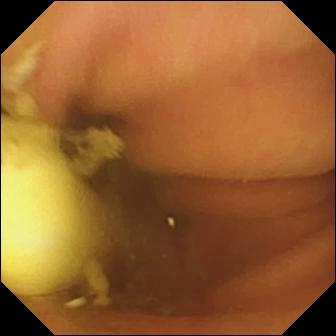Capsule endoscopy frame, 336×336. Foreign body (e.g. retained capsule, tablet residue).